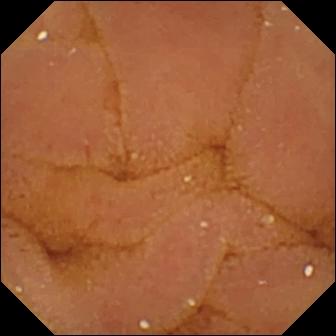Small-bowel capsule endoscopy still showing normal clean mucosa.